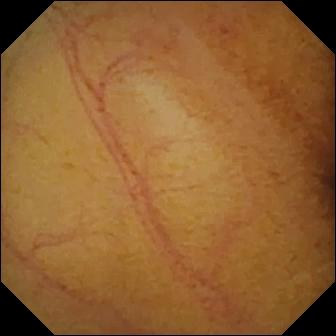modality: wireless capsule endoscopy; category: luminal finding; finding: normal clean mucosa